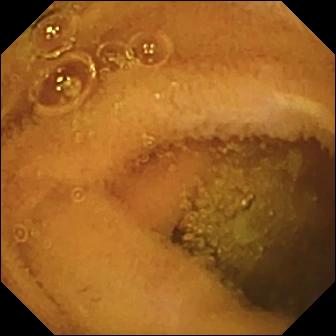This capsule endoscopy frame shows normal clean mucosa.